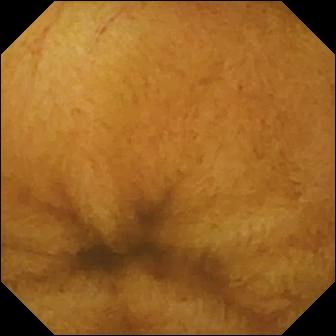Normal clean mucosa.